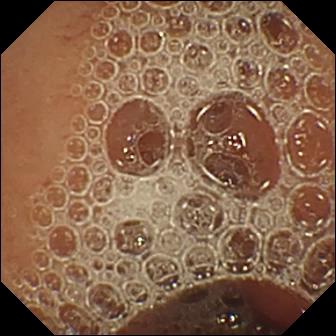Video capsule endoscopy frame. Normal clean mucosa.